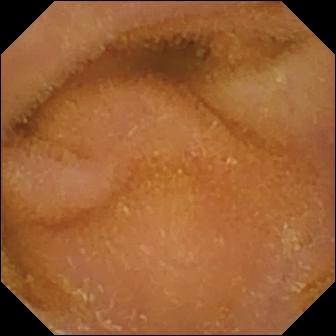Video capsule endoscopy — normal clean mucosa.